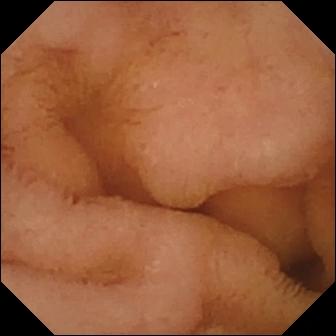Normal clean mucosa — video capsule endoscopy view.